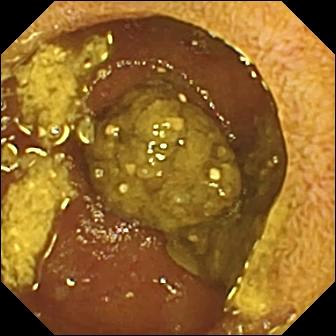PROCEDURE: WCE.
POSITION: Ileo-cecal valve region (the transition from the small bowel to the large bowel).